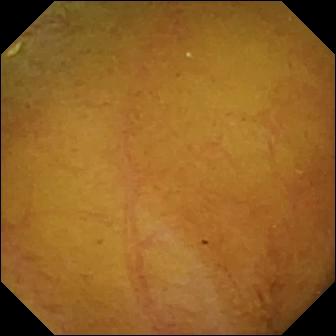Normal clean mucosa (336×336).